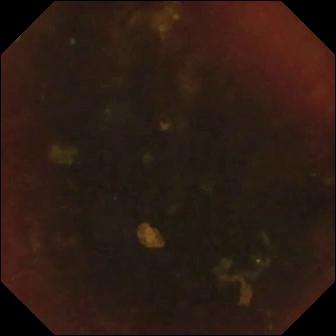Small-bowel capsule endoscopy still. Taken in the ileo-cecal valve region.